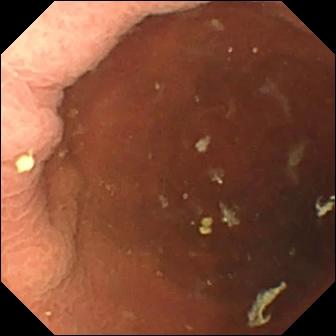{"modality": "wireless capsule endoscopy", "position": "pylorus region"}